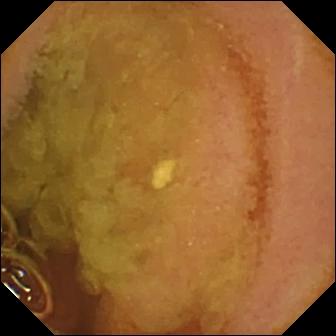Normal clean mucosa — WCE still of the small intestine.